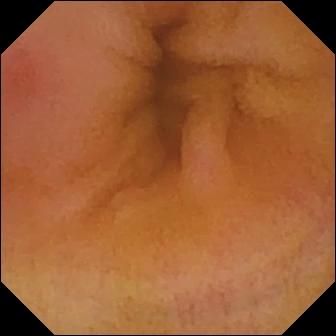Erythema (mucosal redness) — capsule endoscopy view.